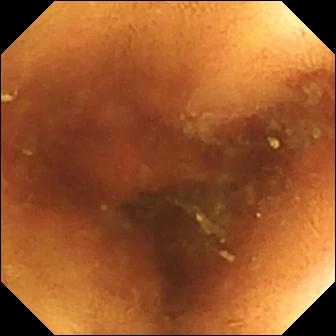Small-bowel capsule endoscopy view, small intestine
Finding: normal clean mucosa